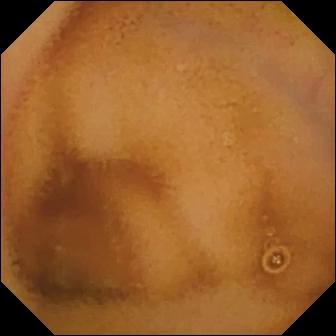This VCE snapshot shows normal clean mucosa.